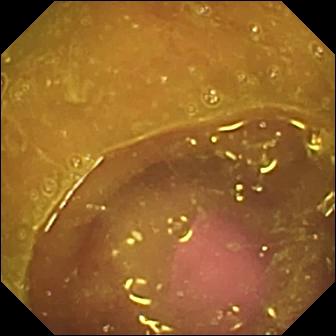Reduced mucosal view (content or bubbles obscuring the mucosa).